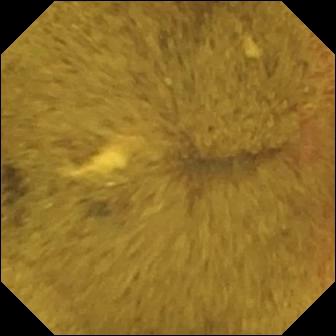Ileo-cecal valve region (where the capsule passes from the small bowel into the large bowel) — VCE view.